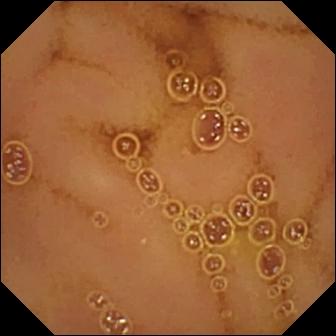PROCEDURE: Wireless capsule endoscopy.
SEGMENT: Small bowel.
FINDINGS: Normal clean mucosa.